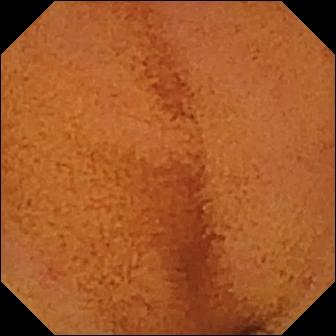Small-bowel capsule endoscopy snapshot
Label: normal clean mucosa